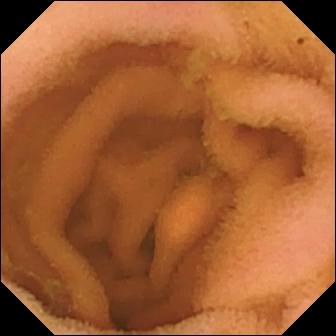Wireless capsule endoscopy view. Normal clean mucosa.